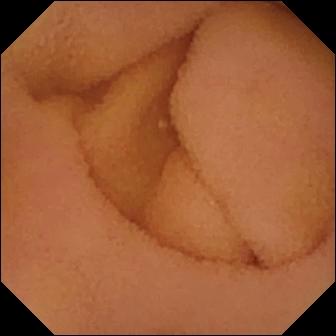WCE view. Normal clean mucosa.